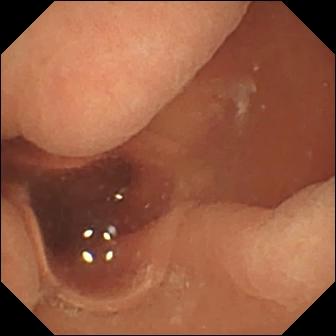{"modality": "video capsule endoscopy", "category": "luminal finding", "finding": "normal clean mucosa"}